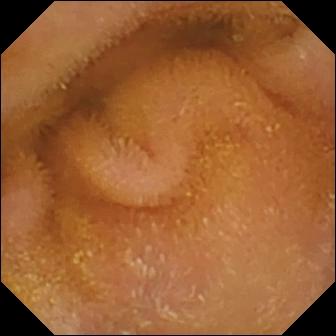- modality: video capsule endoscopy
- observation: normal clean mucosa